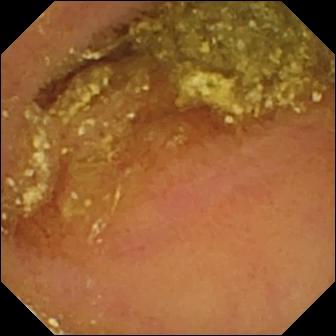This video capsule endoscopy view shows normal clean mucosa.